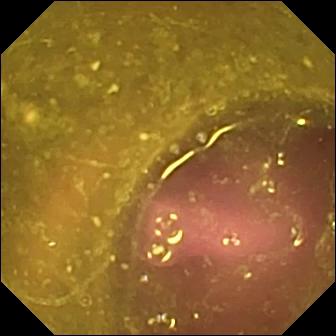This capsule endoscopy image shows reduced mucosal view (content or bubbles obscuring the mucosa).